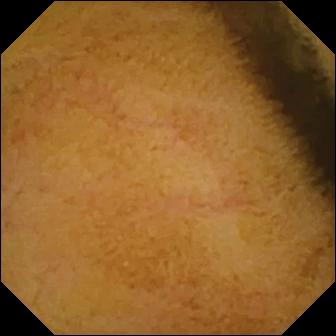Wireless capsule endoscopy. Observation: normal clean mucosa.